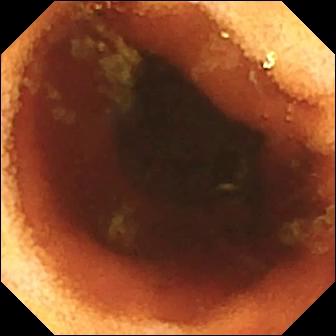Small-bowel capsule endoscopy frame
Location: ileo-cecal valve region (the transition from the small bowel to the large bowel)